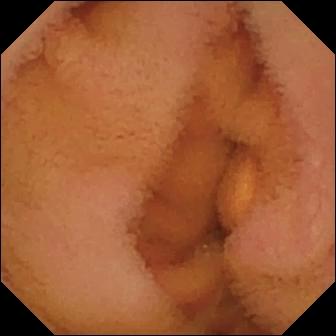Capsule endoscopy — normal clean mucosa.